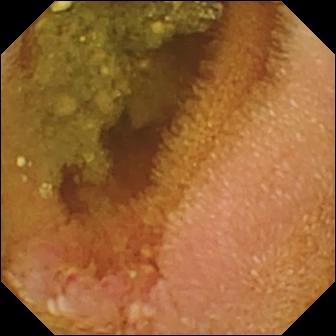Capsule endoscopy image
Impression: erosion